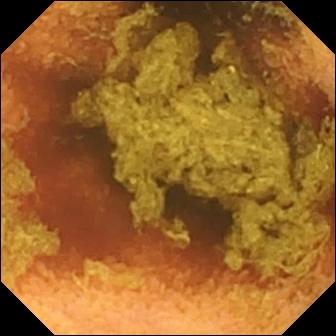Wireless capsule endoscopy view of the small intestine showing normal clean mucosa.